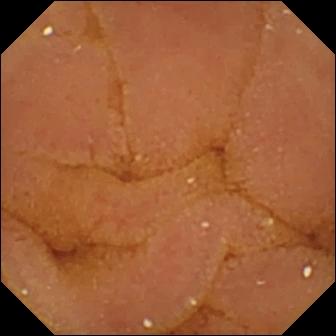Small-bowel capsule endoscopy snapshot
Finding: normal clean mucosa